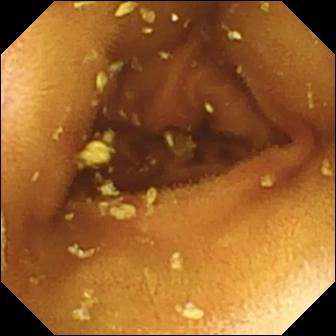WCE snapshot showing erosion.